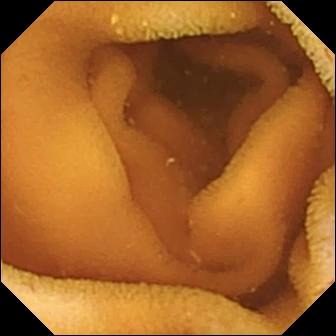VCE. Small bowel. Impression: normal clean mucosa.